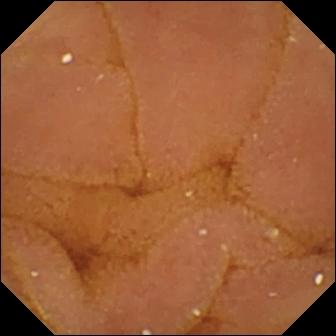This VCE still shows normal clean mucosa.